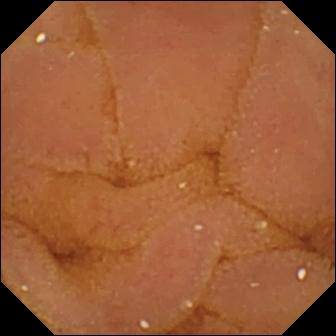{"modality": "wireless capsule endoscopy", "category": "luminal finding", "finding": "normal clean mucosa"}